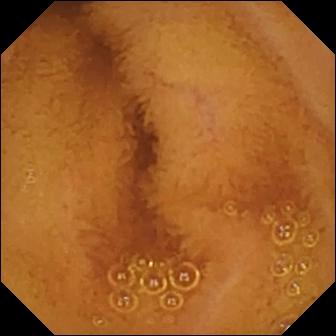PROCEDURE: Video capsule endoscopy.
SEGMENT: Small intestine.
FINDINGS: Normal clean mucosa.